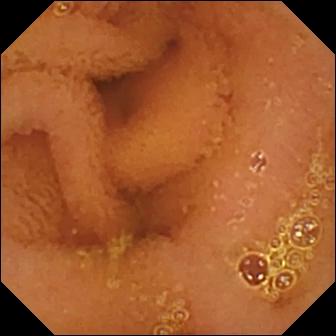Small-bowel capsule endoscopy view showing normal clean mucosa.